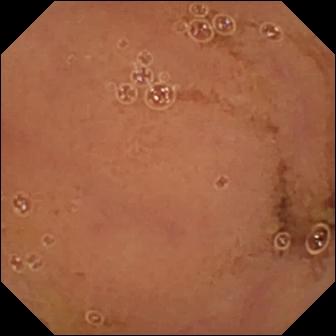Normal clean mucosa.